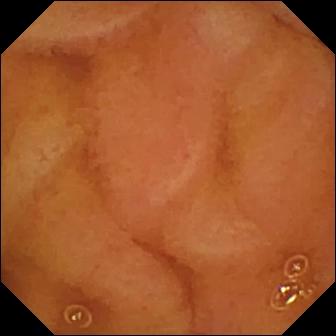Video capsule endoscopy. Finding: normal clean mucosa.